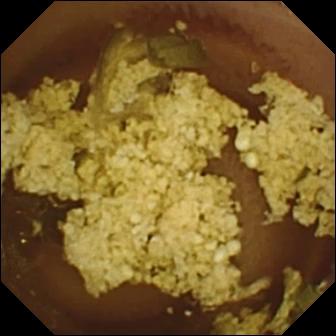Q: What does this video capsule endoscopy image of the small intestine show?
A: Normal clean mucosa.